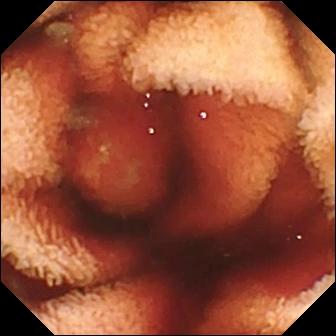This video capsule endoscopy frame shows fresh blood in the lumen.